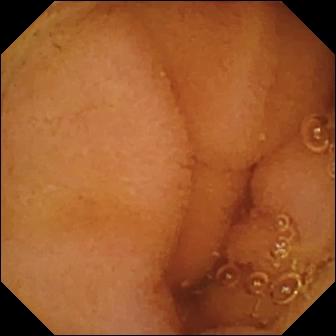Normal clean mucosa.